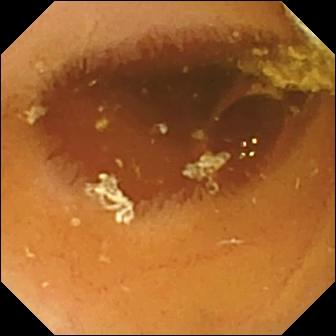Q: What does this video capsule endoscopy still of the small intestine show?
A: Normal clean mucosa.